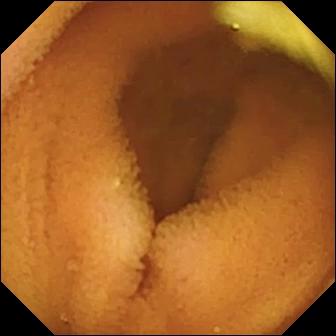WCE — normal clean mucosa.